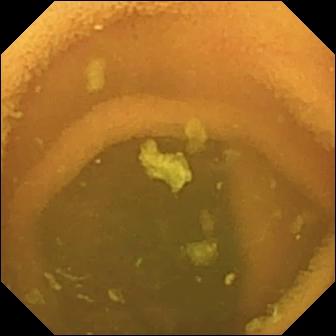Normal clean mucosa — capsule endoscopy view.